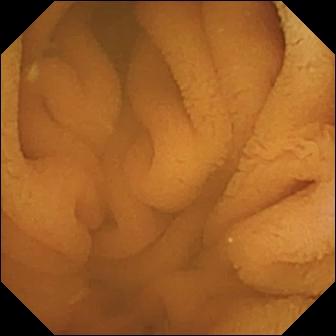modality: video capsule endoscopy; segment: small intestine; category: luminal finding; label: normal clean mucosa